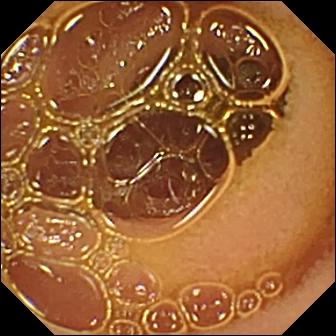PROCEDURE: Video capsule endoscopy.
SEGMENT: Small intestine.
FINDINGS: Normal clean mucosa.